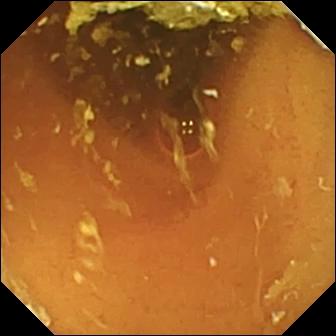WCE image (small intestine), 336×336. Normal clean mucosa.